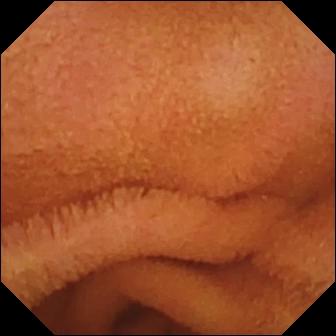PROCEDURE: Video capsule endoscopy.
FINDINGS: Normal clean mucosa.